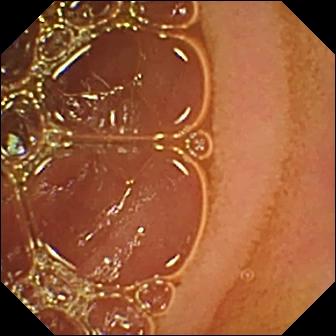- modality: wireless capsule endoscopy
- segment: small bowel
- category: luminal finding
- impression: normal clean mucosa